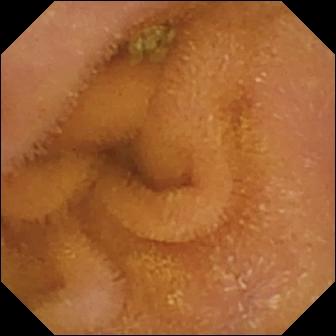Small-bowel capsule endoscopy — normal clean mucosa.